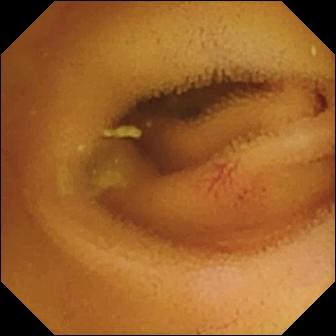modality: video capsule endoscopy | impression: angiectasia